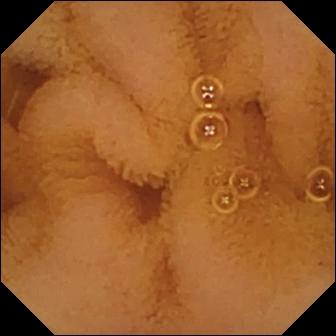This capsule endoscopy image shows normal clean mucosa.